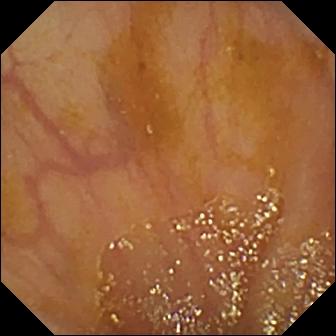- modality: WCE
- label: ileo-cecal valve region